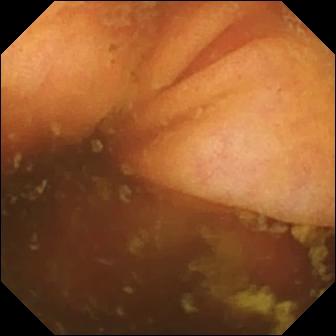- modality: capsule endoscopy
- position: ileo-cecal valve region (where the capsule passes from the small bowel into the large bowel)